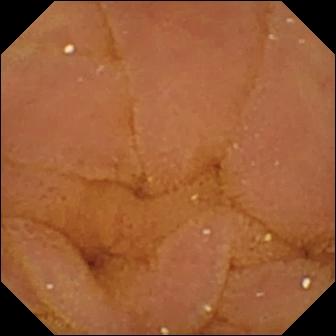Normal clean mucosa — wireless capsule endoscopy snapshot of the small intestine.